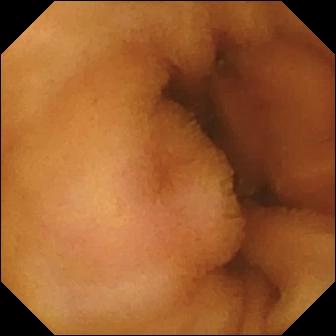{"modality": "video capsule endoscopy", "segment": "small bowel", "category": "luminal finding", "finding": "normal clean mucosa"}